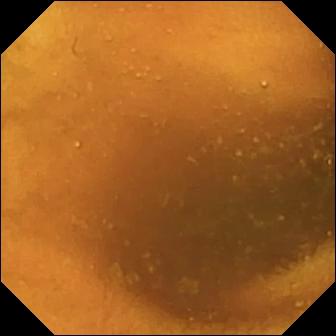Q: What does this capsule endoscopy frame of the small bowel show?
A: Normal clean mucosa.